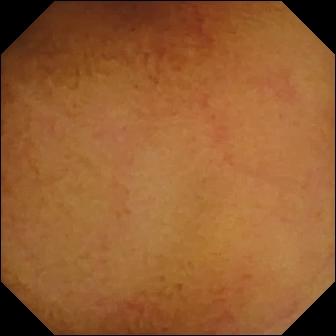- modality: wireless capsule endoscopy
- finding: normal clean mucosa